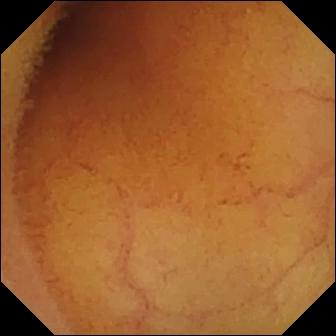Normal clean mucosa.